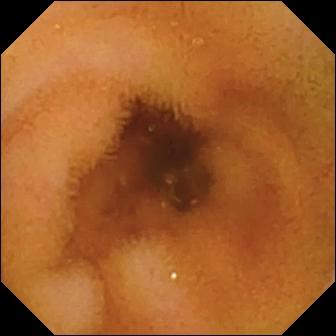Normal clean mucosa (336×336).